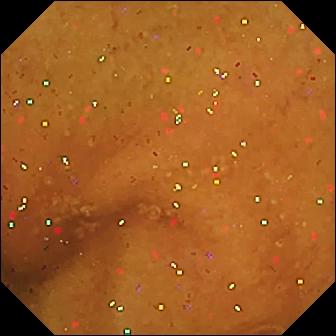VCE view. Normal clean mucosa.